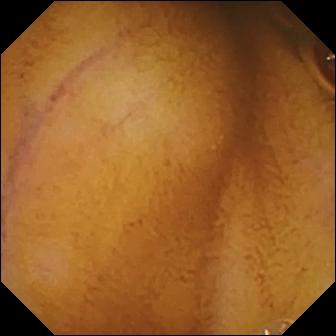Q: What does this small-bowel capsule endoscopy view of the small bowel show?
A: Normal clean mucosa.